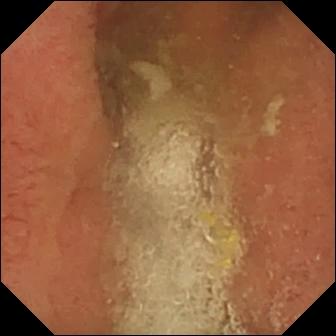Wireless capsule endoscopy image
Location: pylorus region